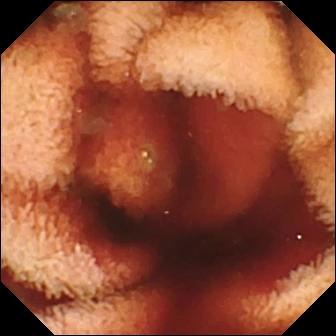WCE view
Impression: fresh blood in the lumen